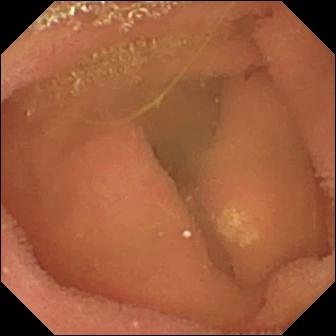This WCE view shows lymphangiectasia.